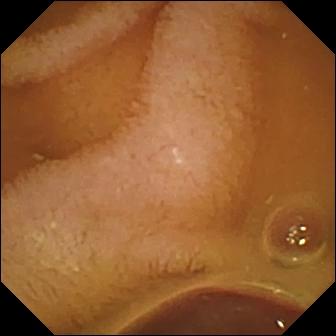{"modality": "capsule endoscopy", "segment": "small bowel", "finding": "normal clean mucosa"}